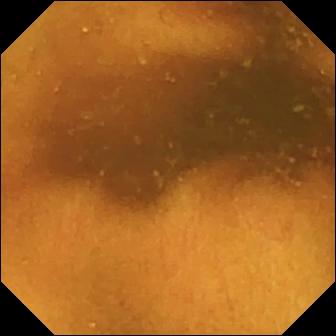PROCEDURE: Capsule endoscopy.
SEGMENT: Small intestine.
FINDINGS: Normal clean mucosa.